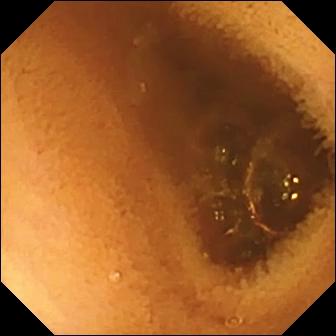WCE frame. Normal clean mucosa.